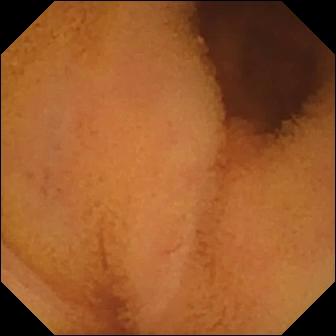PROCEDURE: VCE.
FINDINGS: Normal clean mucosa.